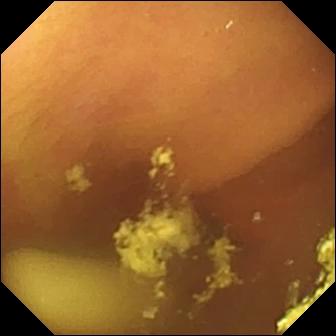{"modality": "wireless capsule endoscopy", "category": "luminal finding", "finding": "foreign body (e.g. retained capsule, tablet residue)"}